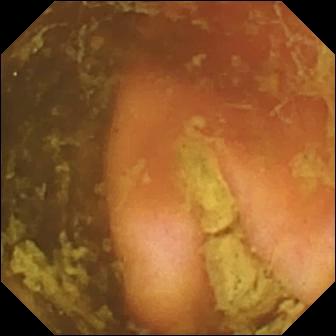Small-bowel capsule endoscopy frame
Position: ileo-cecal valve region